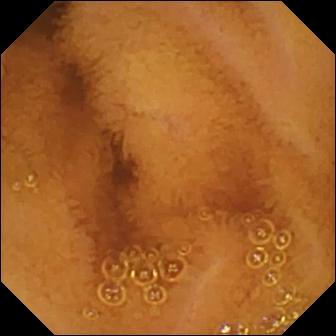Capsule endoscopy view (small bowel). Normal clean mucosa.